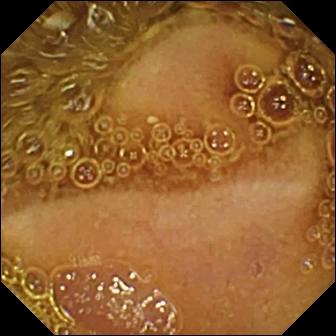modality: capsule endoscopy; segment: small bowel; category: luminal finding; observation: normal clean mucosa